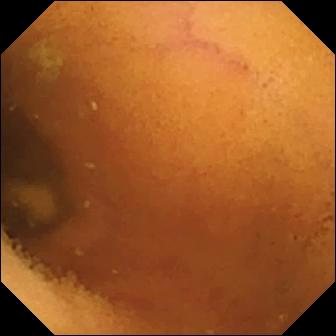Wireless capsule endoscopy image showing normal clean mucosa.